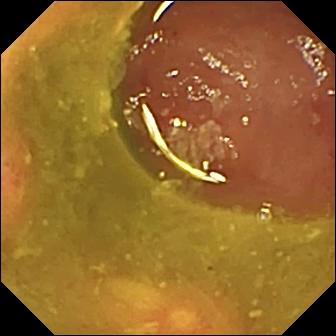Q: What does this WCE still show?
A: Ulcer.